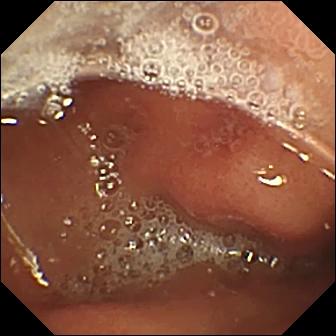This VCE frame shows erosion.